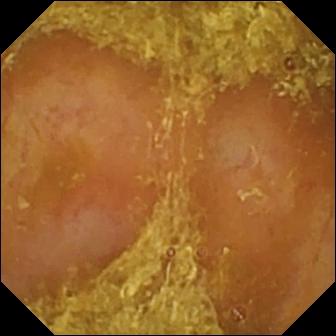This wireless capsule endoscopy frame of the small bowel shows reduced mucosal view (content or bubbles obscuring the mucosa).